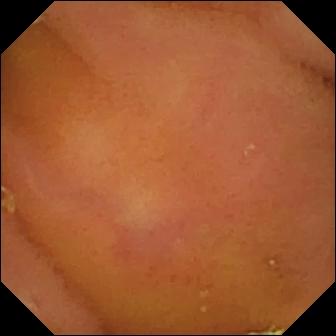- modality: wireless capsule endoscopy
- label: normal clean mucosa